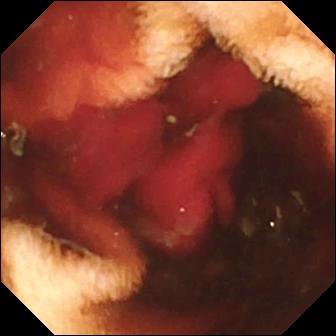WCE still
Impression: fresh blood in the lumen